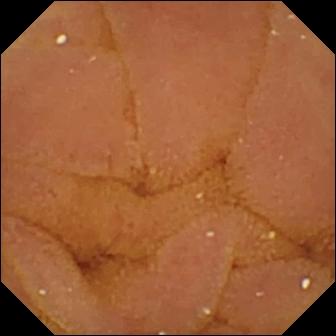- modality: WCE
- category: luminal finding
- finding: normal clean mucosa